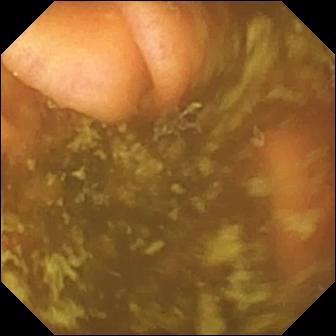- modality: WCE
- label: ileo-cecal valve region